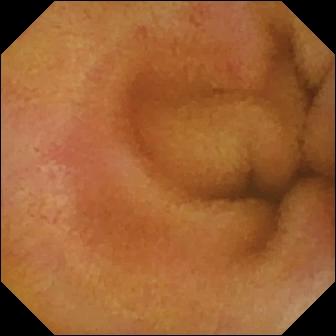VCE. Label: erythema (mucosal redness).